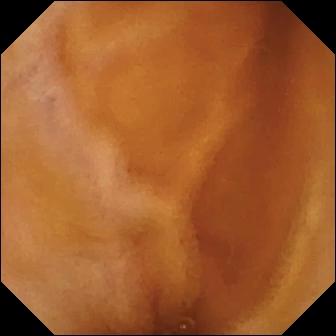Normal clean mucosa — wireless capsule endoscopy frame of the small intestine.